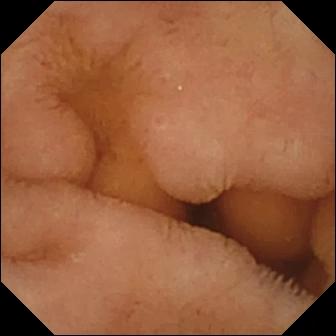Q: What does this VCE still show?
A: Normal clean mucosa.